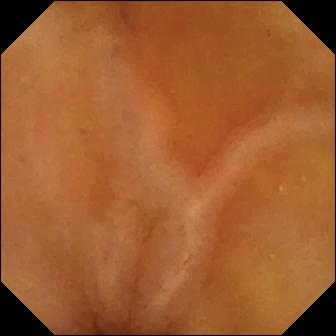Q: What does this wireless capsule endoscopy frame of the small bowel show?
A: Normal clean mucosa.